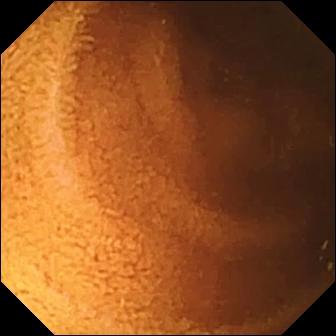Wireless capsule endoscopy. Small bowel. Luminal finding. Observation: normal clean mucosa.